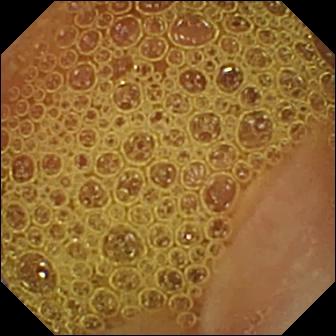VCE. Observation: normal clean mucosa.